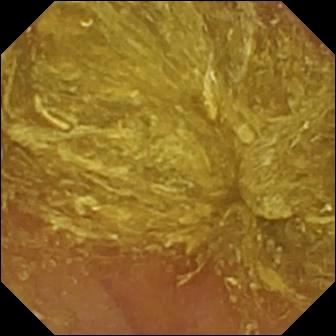This capsule endoscopy frame shows reduced mucosal view (content or bubbles obscuring the mucosa).